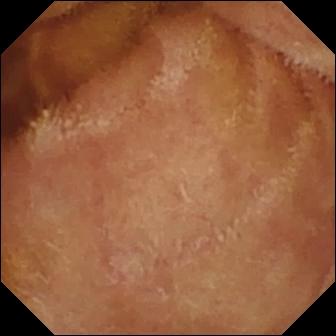PROCEDURE: Capsule endoscopy.
SEGMENT: Small bowel.
FINDINGS: Normal clean mucosa.